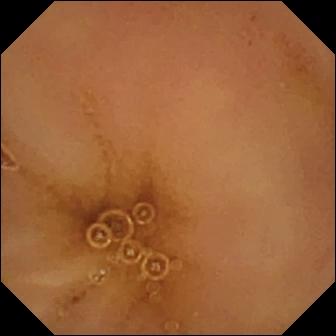Normal clean mucosa (336×336).